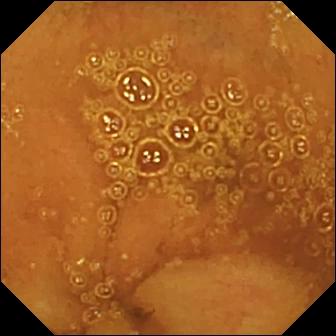This wireless capsule endoscopy view of the small bowel shows normal clean mucosa.